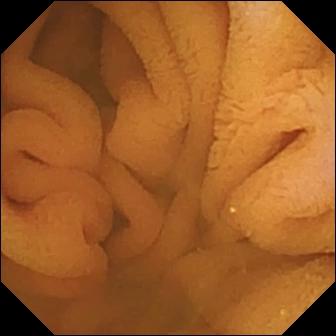modality: VCE
segment: small bowel
category: luminal finding
observation: normal clean mucosa